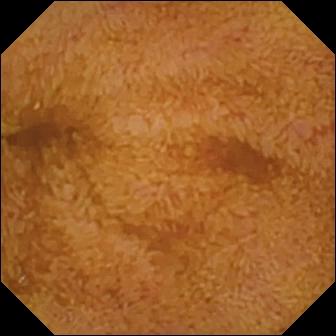PROCEDURE: WCE.
VIDEO SEGMENT: Ileo-cecal valve region (the transition from the small bowel to the large bowel).